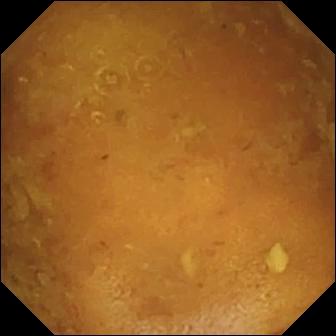WCE — reduced mucosal view (content or bubbles obscuring the mucosa).